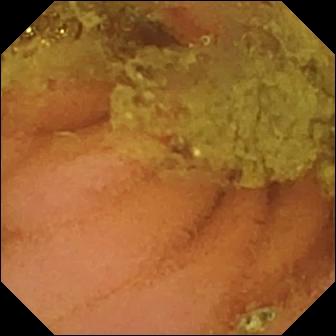Capsule endoscopy image (small intestine). Normal clean mucosa.